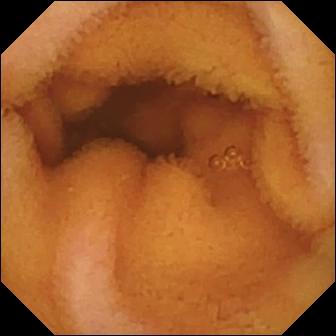This wireless capsule endoscopy snapshot shows normal clean mucosa.